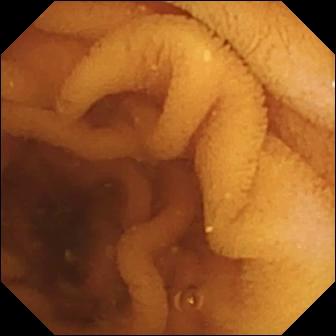Wireless capsule endoscopy — normal clean mucosa.